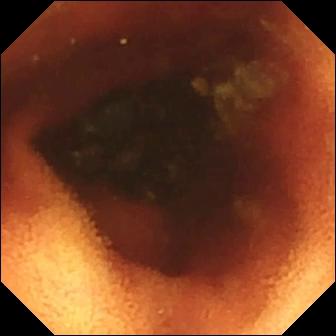WCE snapshot
Label: ileo-cecal valve region (the transition from the small bowel to the large bowel)